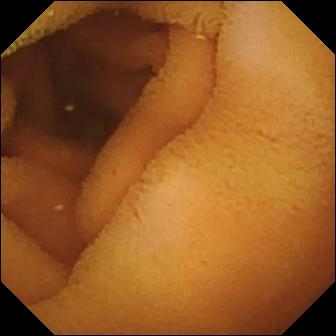Capsule endoscopy view, small intestine
Label: normal clean mucosa